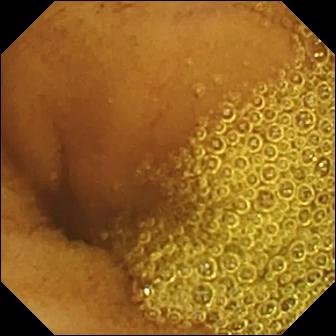Capsule endoscopy image showing normal clean mucosa.